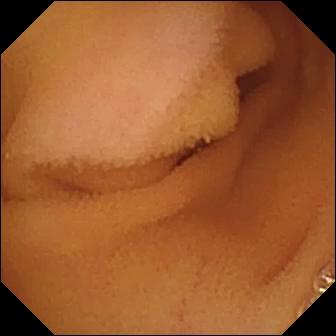Q: What does this VCE frame show?
A: Normal clean mucosa.